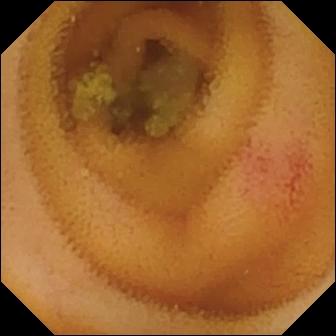This WCE still shows angiectasia.